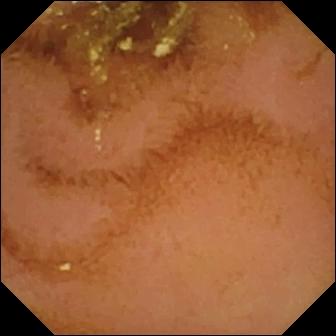Small-bowel capsule endoscopy — normal clean mucosa.